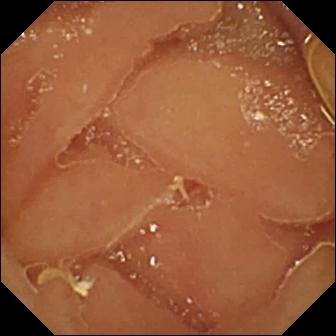{"modality": "small-bowel capsule endoscopy", "finding": "normal clean mucosa"}